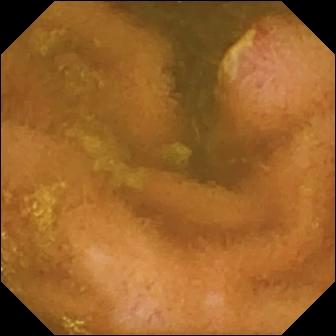Video capsule endoscopy snapshot
Finding: ulcer